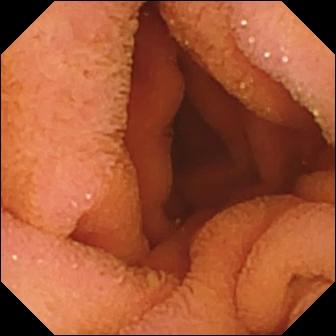WCE view
Label: normal clean mucosa